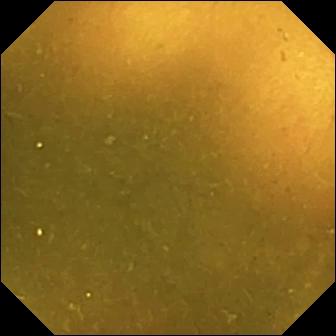PROCEDURE: VCE.
LOCATION: Ileo-cecal valve region (the transition from the small bowel to the large bowel).